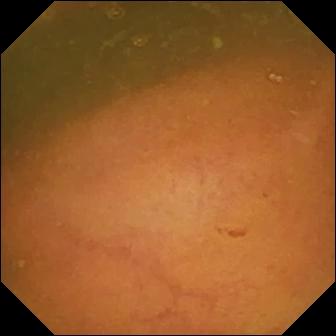- modality: VCE
- category: anatomical landmark
- label: ileo-cecal valve region (where the capsule passes from the small bowel into the large bowel)